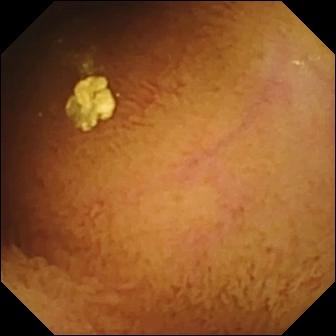Video capsule endoscopy view of the small bowel showing normal clean mucosa.